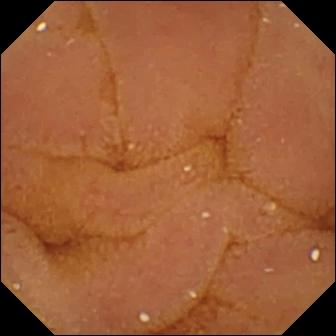Normal clean mucosa.